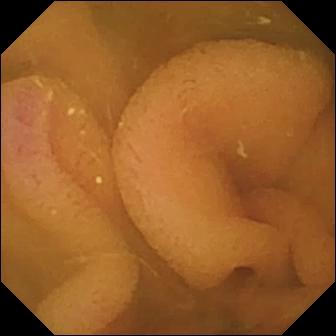Capsule endoscopy image of the small intestine showing normal clean mucosa.